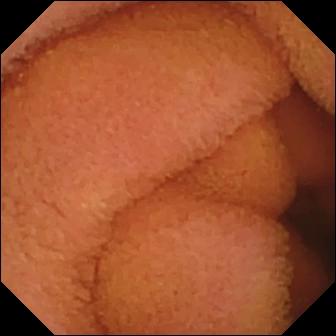Video capsule endoscopy — normal clean mucosa.